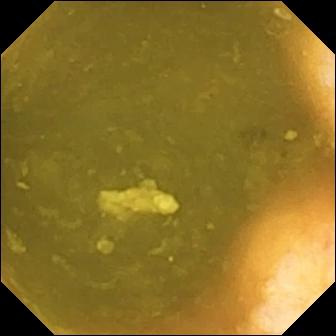VCE frame. Taken in the ileo-cecal valve region (where the capsule passes from the small bowel into the large bowel).